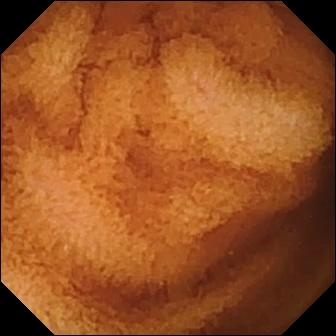{"modality": "wireless capsule endoscopy", "segment": "small intestine", "category": "luminal finding", "finding": "normal clean mucosa"}